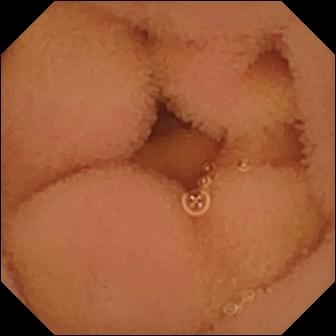Q: What does this VCE view of the small intestine show?
A: Normal clean mucosa.